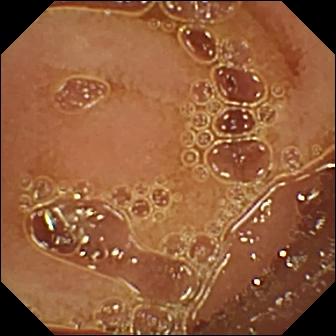Q: What does this small-bowel capsule endoscopy image show?
A: Normal clean mucosa.